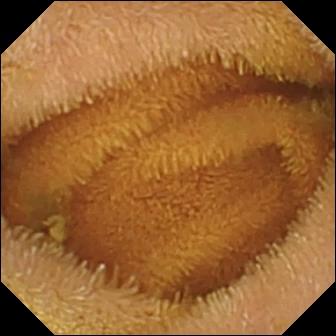- modality: video capsule endoscopy
- category: luminal finding
- finding: normal clean mucosa